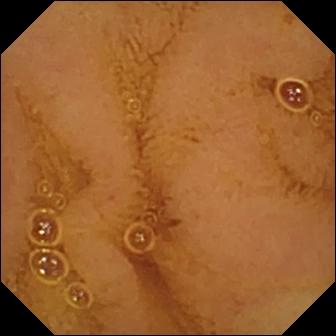Normal clean mucosa — VCE frame.